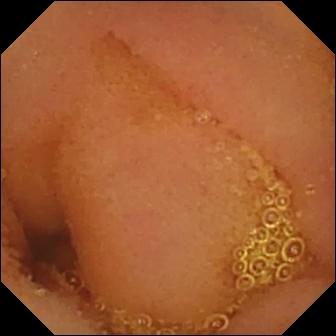PROCEDURE: VCE.
FINDINGS: Normal clean mucosa.